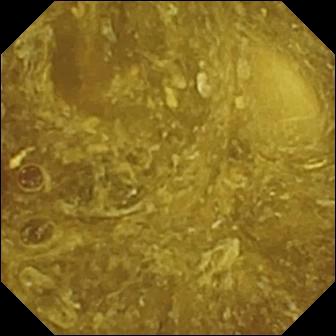Small-bowel capsule endoscopy. Small bowel. Observation: reduced mucosal view (content or bubbles obscuring the mucosa).